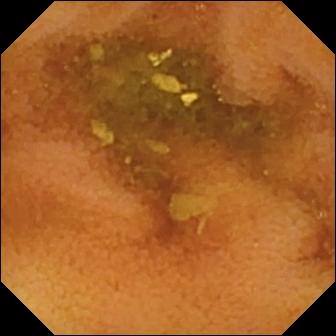Capsule endoscopy frame of the small bowel showing normal clean mucosa.